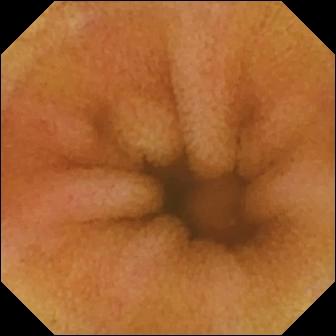VCE view, 336×336. Erythema (mucosal redness).